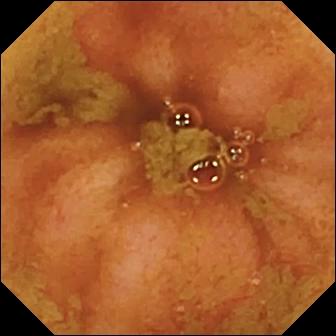Video capsule endoscopy image. Taken in the ileo-cecal valve region.